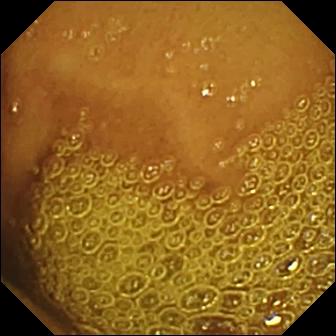This WCE still shows normal clean mucosa.